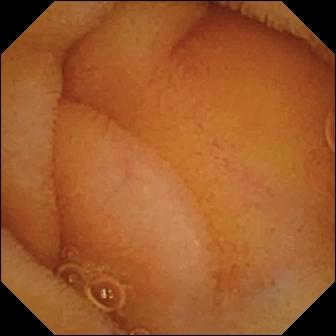VCE image, small bowel
Observation: normal clean mucosa